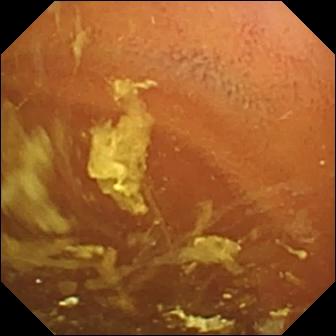Capsule endoscopy. Small intestine. Luminal finding. Observation: normal clean mucosa.